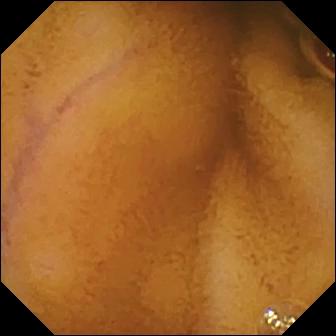PROCEDURE: Video capsule endoscopy.
SEGMENT: Small bowel.
FINDINGS: Normal clean mucosa.